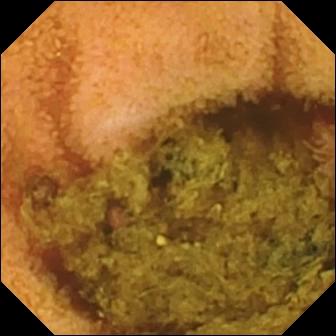Normal clean mucosa.